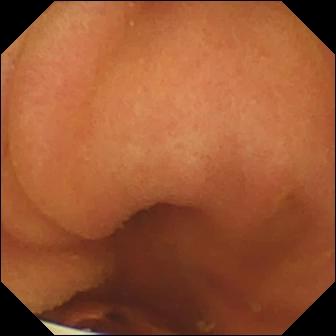{"modality": "capsule endoscopy", "finding": "foreign body (e.g. retained capsule, tablet residue)"}